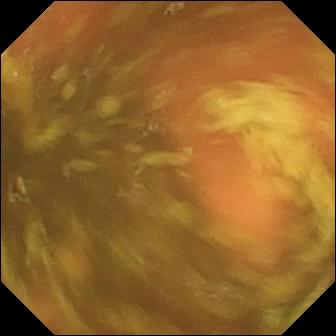Ileo-cecal valve region (the transition from the small bowel to the large bowel) — wireless capsule endoscopy still.